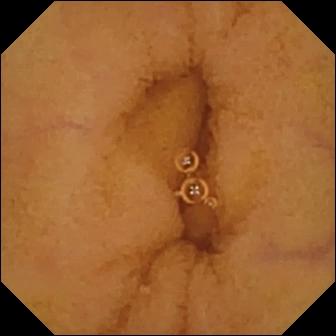This wireless capsule endoscopy image of the small intestine shows normal clean mucosa.